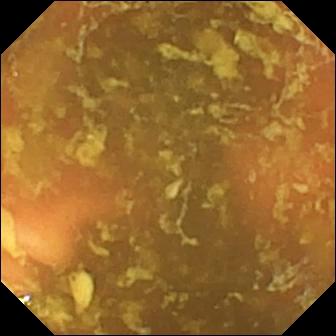{"modality": "VCE", "label": "ileo-cecal valve region (the transition from the small bowel to the large bowel)"}